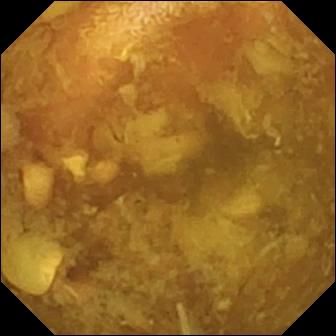Video capsule endoscopy. Small intestine. Label: reduced mucosal view (content or bubbles obscuring the mucosa).